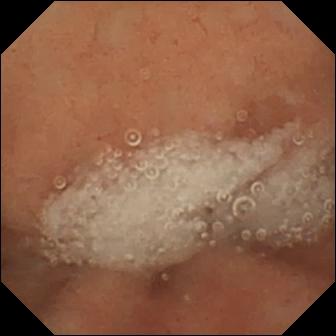Capsule endoscopy image of the small intestine showing normal clean mucosa.